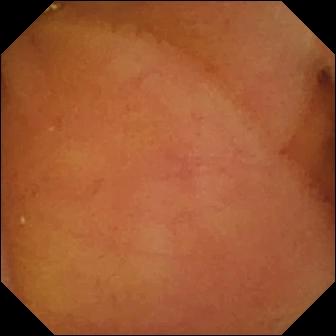Normal clean mucosa — VCE snapshot of the small bowel.